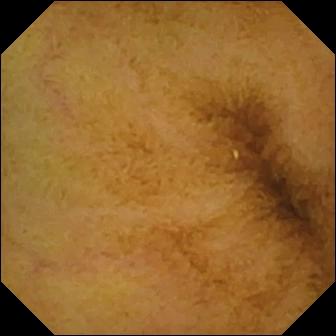Wireless capsule endoscopy — normal clean mucosa.